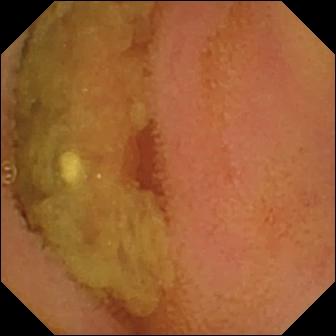This VCE snapshot shows normal clean mucosa.